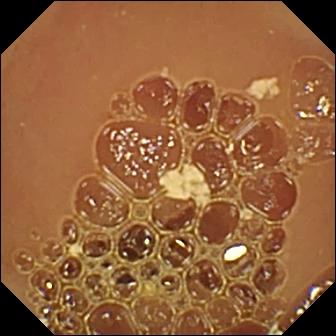Wireless capsule endoscopy. Luminal finding. Finding: normal clean mucosa.